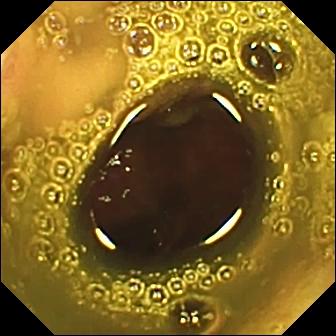WCE — ileo-cecal valve region (where the capsule passes from the small bowel into the large bowel).